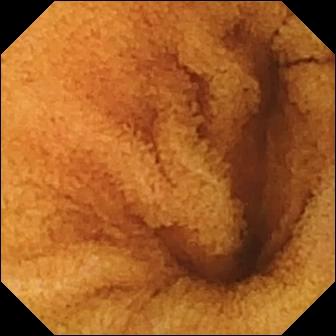modality: WCE; segment: small intestine; category: luminal finding; finding: normal clean mucosa